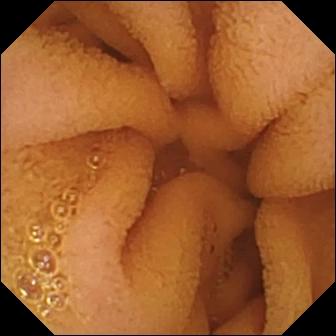Normal clean mucosa.